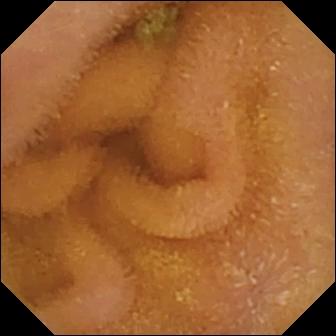This video capsule endoscopy view of the small intestine shows normal clean mucosa.